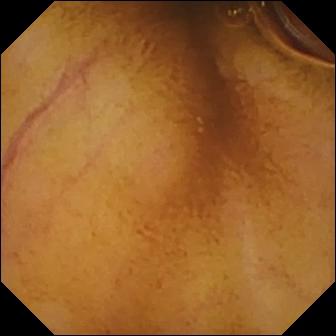This wireless capsule endoscopy snapshot of the small intestine shows normal clean mucosa.